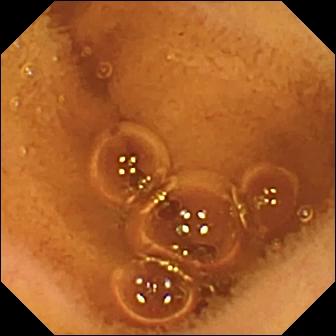PROCEDURE: Video capsule endoscopy.
SEGMENT: Small bowel.
FINDINGS: Normal clean mucosa.